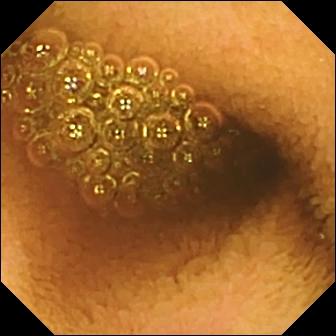Capsule endoscopy still showing reduced mucosal view (content or bubbles obscuring the mucosa).